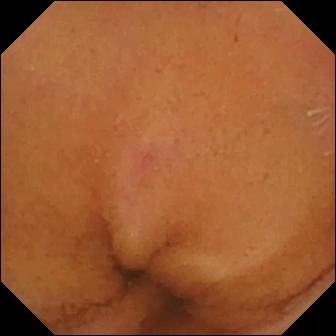modality: VCE
segment: small intestine
category: luminal finding
observation: normal clean mucosa